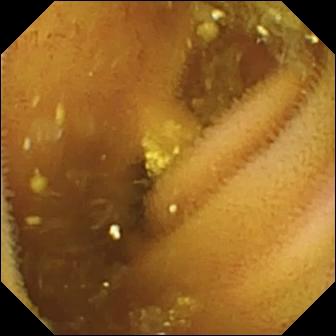modality: video capsule endoscopy; observation: lymphangiectasia